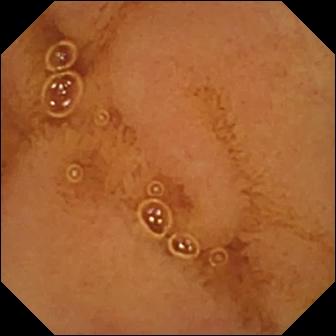- modality: VCE
- segment: small intestine
- label: normal clean mucosa